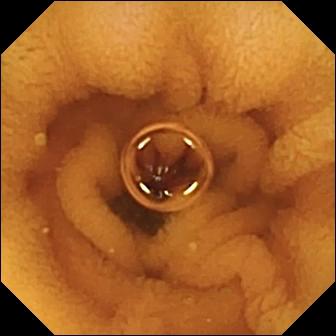{"modality": "VCE", "finding": "normal clean mucosa"}